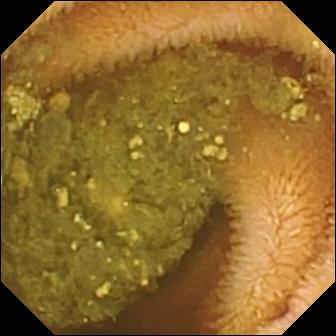Capsule endoscopy still showing reduced mucosal view (content or bubbles obscuring the mucosa).